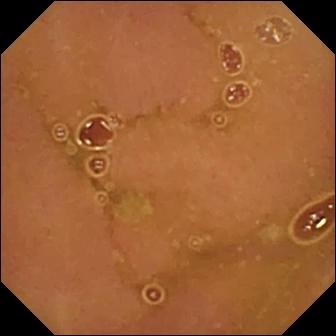Capsule endoscopy still of the small intestine showing normal clean mucosa.